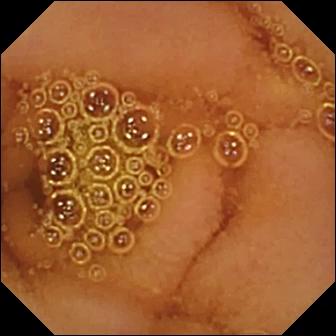Normal clean mucosa — VCE frame of the small bowel.